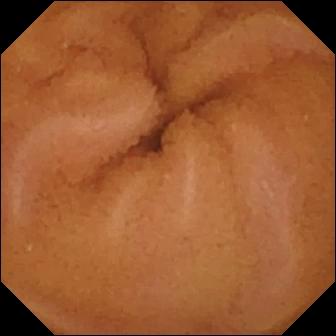modality: wireless capsule endoscopy; segment: small intestine; impression: normal clean mucosa